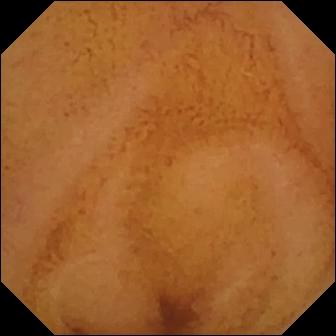This wireless capsule endoscopy frame shows normal clean mucosa.